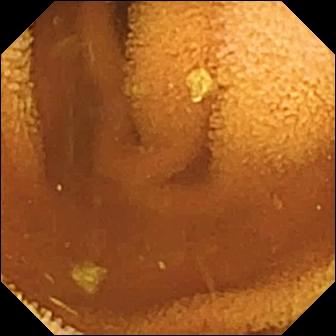PROCEDURE: VCE.
SEGMENT: Small intestine.
FINDINGS: Normal clean mucosa.